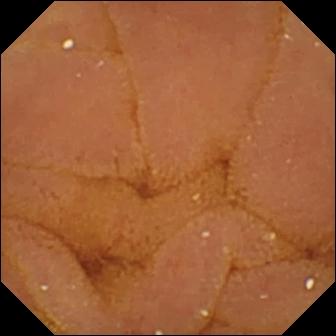Video capsule endoscopy view. Normal clean mucosa.